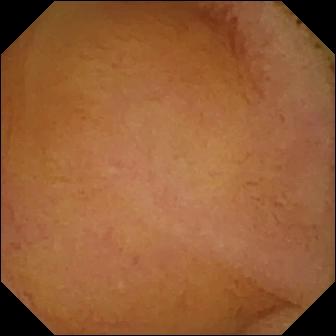PROCEDURE: Video capsule endoscopy.
FINDINGS: Normal clean mucosa.